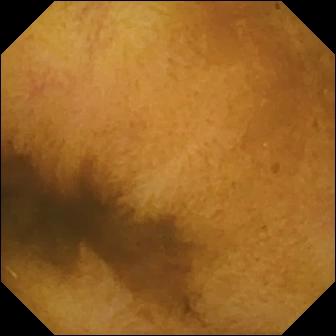Normal clean mucosa.